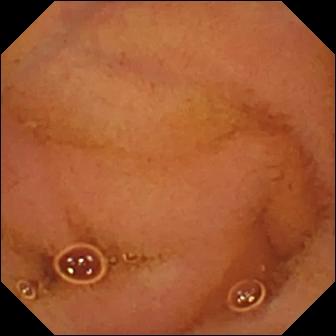Q: What does this VCE view show?
A: Normal clean mucosa.